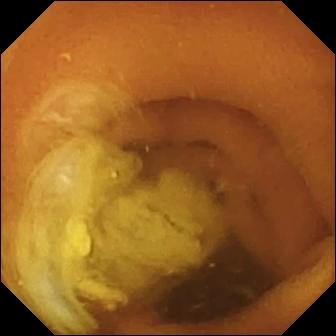Video capsule endoscopy snapshot
Observation: normal clean mucosa